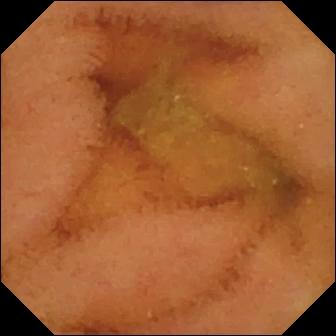modality: video capsule endoscopy; segment: small intestine; category: luminal finding; impression: normal clean mucosa